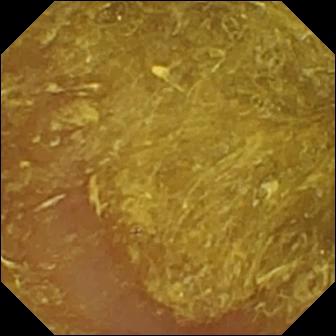modality: VCE | category: luminal finding | label: reduced mucosal view (content or bubbles obscuring the mucosa)